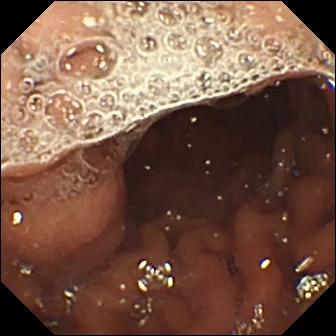PROCEDURE: Capsule endoscopy.
POSITION: Pylorus region (the junction between the stomach and the small bowel).